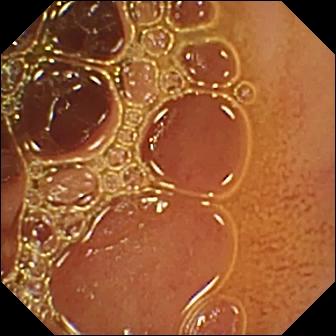Normal clean mucosa — WCE frame.